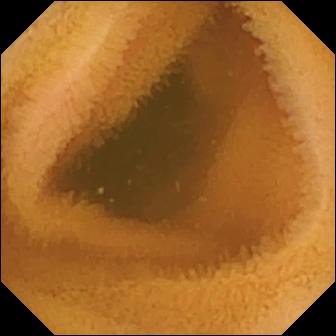This small-bowel capsule endoscopy snapshot shows normal clean mucosa.